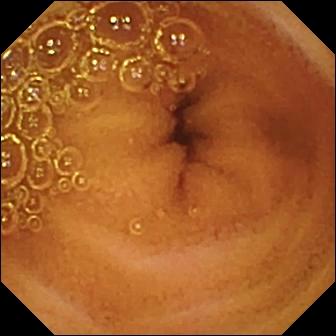PROCEDURE: Wireless capsule endoscopy.
SEGMENT: Small intestine.
FINDINGS: Normal clean mucosa.